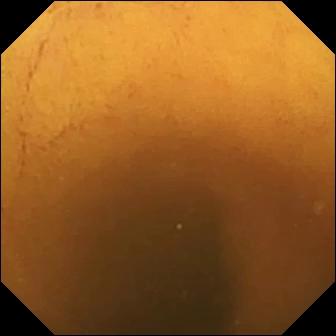Capsule endoscopy image showing normal clean mucosa.